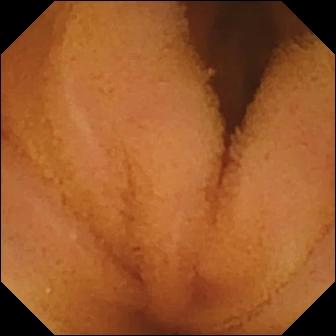Wireless capsule endoscopy image (small intestine). Normal clean mucosa.